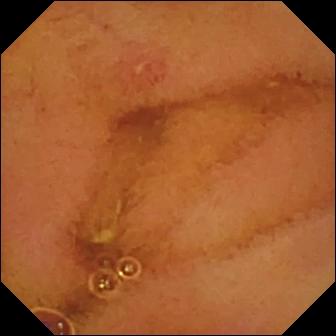WCE. Luminal finding. Impression: erosion.